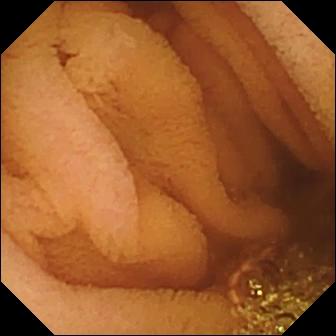This WCE image of the small bowel shows normal clean mucosa.